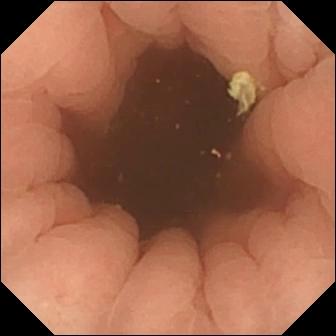- modality: VCE
- position: pylorus region